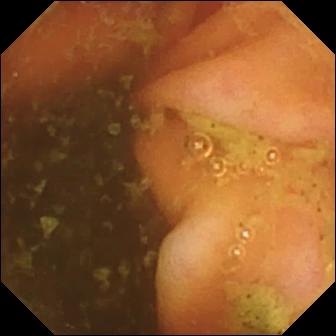modality: video capsule endoscopy
position: ileo-cecal valve region (where the capsule passes from the small bowel into the large bowel)